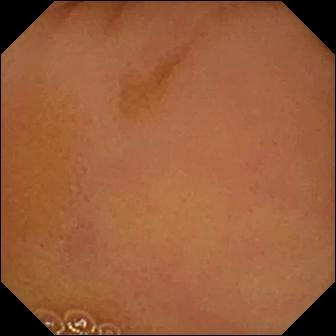Q: What does this wireless capsule endoscopy still of the small bowel show?
A: Normal clean mucosa.